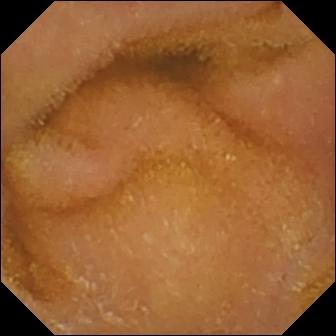Normal clean mucosa (336×336).